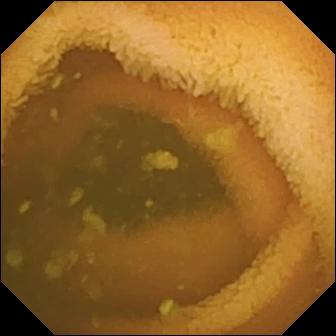This small-bowel capsule endoscopy frame shows normal clean mucosa.